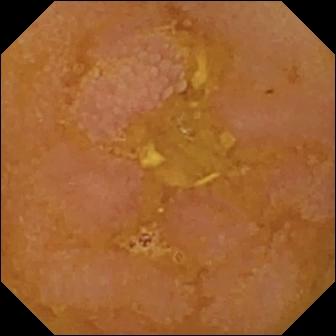Small-bowel capsule endoscopy still showing reduced mucosal view (content or bubbles obscuring the mucosa).